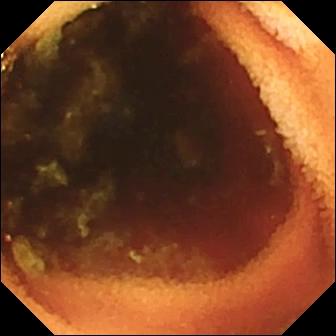Capsule endoscopy. Near an anatomical landmark. Location: ileo-cecal valve region (where the capsule passes from the small bowel into the large bowel).